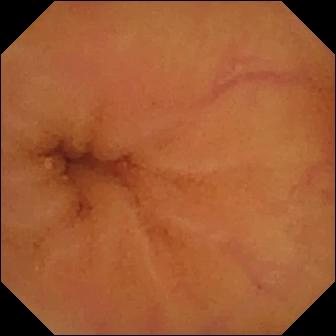WCE snapshot
Finding: normal clean mucosa